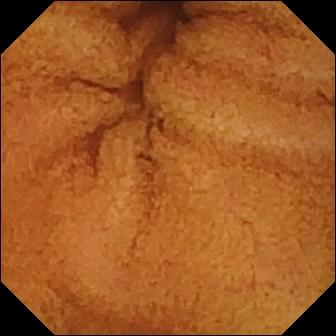modality: VCE; segment: small bowel; observation: normal clean mucosa